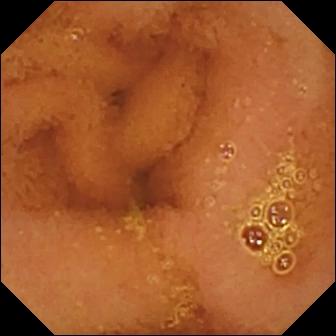- modality: small-bowel capsule endoscopy
- category: luminal finding
- impression: normal clean mucosa